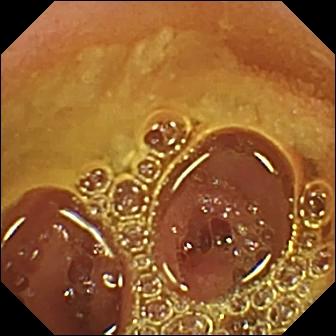Small-bowel capsule endoscopy still showing normal clean mucosa.